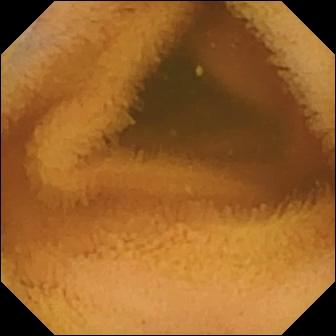Video capsule endoscopy view, small bowel
Observation: normal clean mucosa